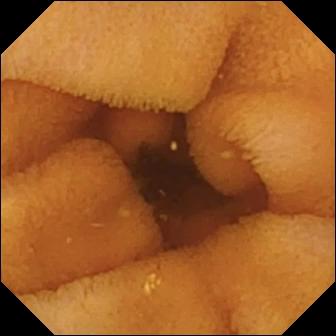Small-bowel capsule endoscopy. Label: normal clean mucosa.